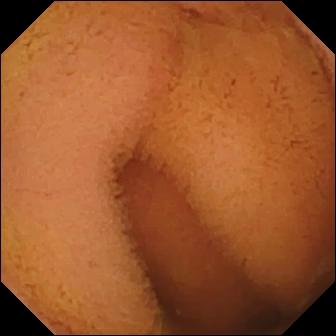Q: What does this wireless capsule endoscopy frame show?
A: Normal clean mucosa.